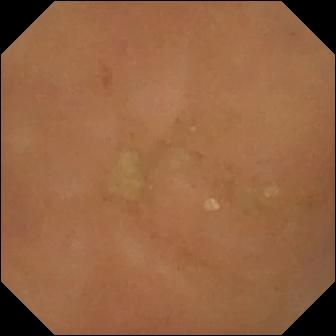- modality: WCE
- category: luminal finding
- impression: normal clean mucosa